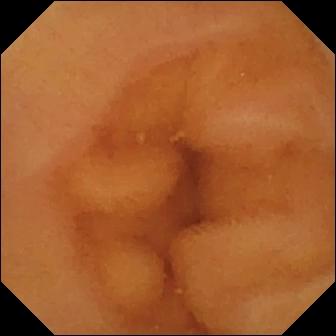Q: What does this wireless capsule endoscopy still show?
A: Normal clean mucosa.